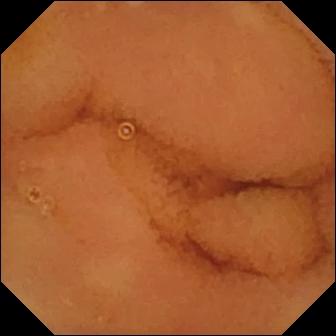Wireless capsule endoscopy still of the small intestine showing normal clean mucosa.